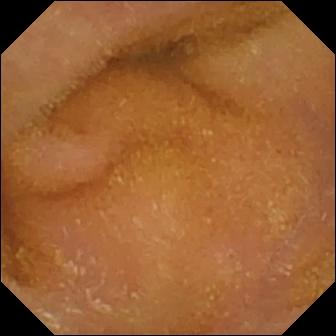This capsule endoscopy frame shows normal clean mucosa.